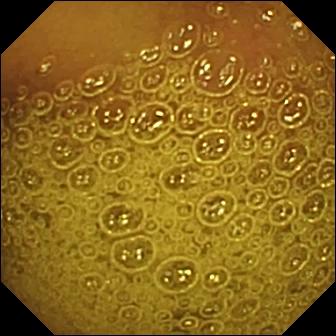Small-bowel capsule endoscopy — normal clean mucosa.